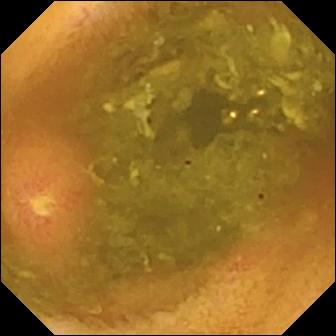Q: What does this wireless capsule endoscopy view show?
A: Ulcer.